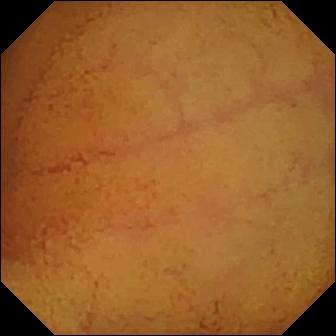Normal clean mucosa — wireless capsule endoscopy frame.